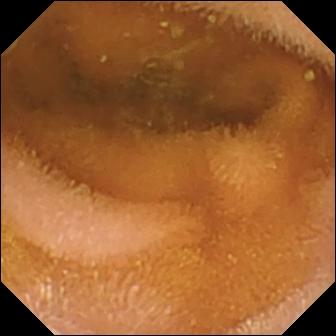WCE snapshot showing normal clean mucosa.